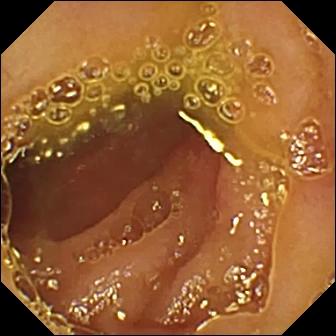Ulcer — capsule endoscopy still.